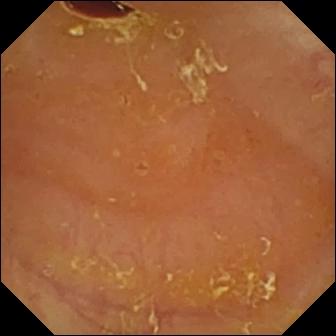This wireless capsule endoscopy frame of the small intestine shows reduced mucosal view (content or bubbles obscuring the mucosa).